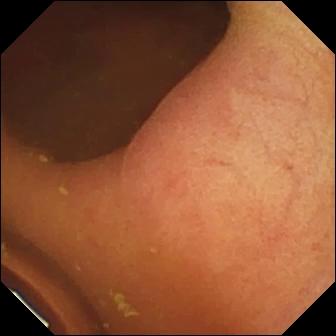{"modality": "video capsule endoscopy", "finding": "foreign body (e.g. retained capsule, tablet residue)"}